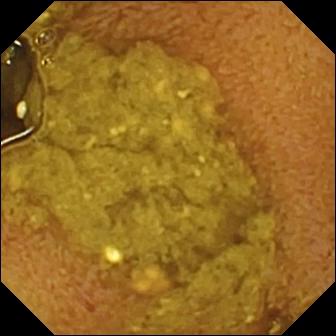{"modality": "capsule endoscopy", "label": "ileo-cecal valve region (where the capsule passes from the small bowel into the large bowel)"}